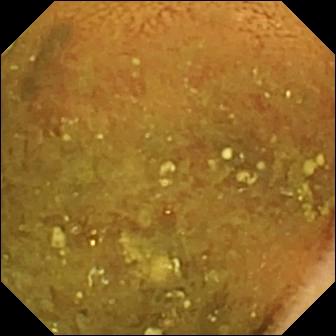Small-bowel capsule endoscopy image. Reduced mucosal view (content or bubbles obscuring the mucosa).